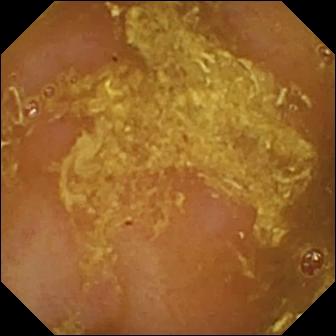Reduced mucosal view (content or bubbles obscuring the mucosa).